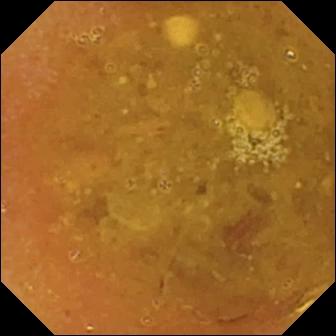VCE view (small bowel). Reduced mucosal view (content or bubbles obscuring the mucosa).